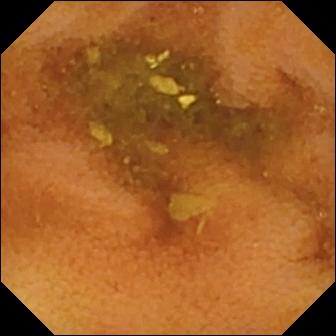Wireless capsule endoscopy. Small bowel. Impression: normal clean mucosa.